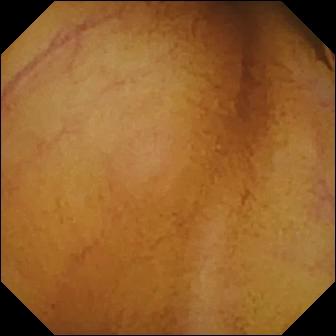Video capsule endoscopy view showing normal clean mucosa.